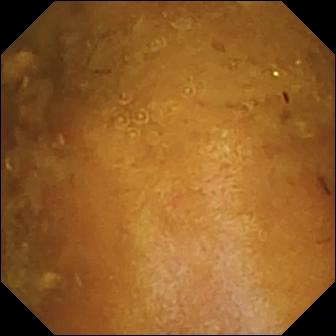PROCEDURE: WCE.
SEGMENT: Small intestine.
FINDINGS: Reduced mucosal view (content or bubbles obscuring the mucosa).